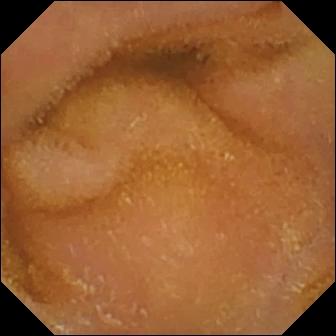- modality: VCE
- finding: normal clean mucosa